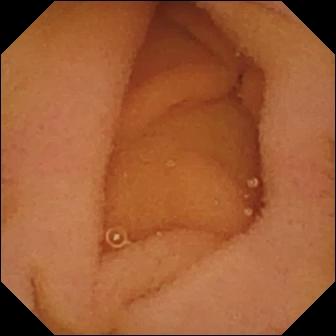{"modality": "video capsule endoscopy", "segment": "small bowel", "category": "luminal finding", "finding": "normal clean mucosa"}